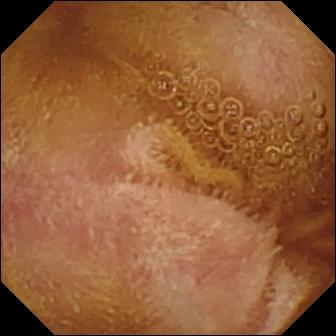Q: What does this video capsule endoscopy still show?
A: Normal clean mucosa.